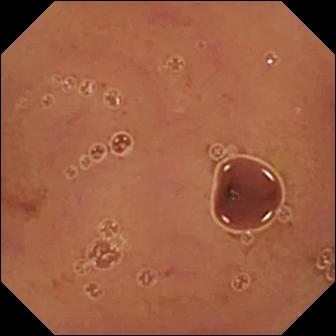Q: What does this wireless capsule endoscopy snapshot of the small intestine show?
A: Normal clean mucosa.